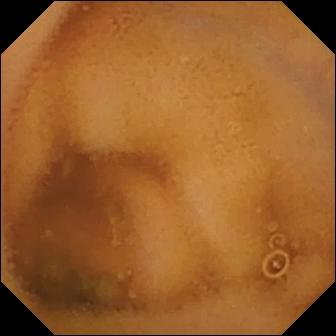Q: What does this WCE still of the small intestine show?
A: Normal clean mucosa.